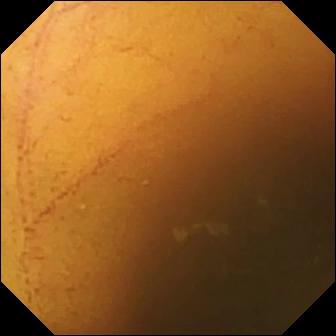Wireless capsule endoscopy view of the small intestine showing normal clean mucosa.